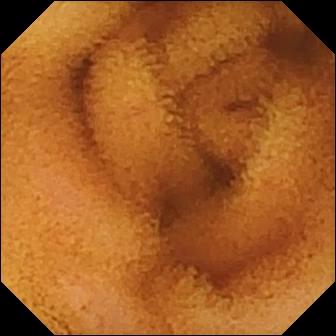This VCE still shows normal clean mucosa.